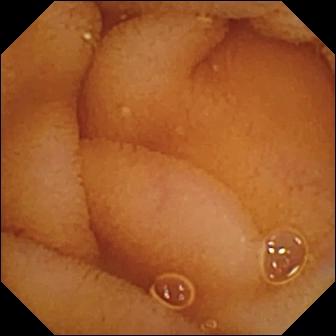PROCEDURE: WCE.
SEGMENT: Small bowel.
FINDINGS: Normal clean mucosa.